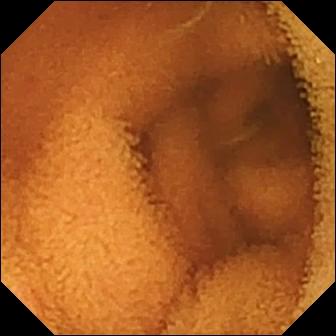Normal clean mucosa.